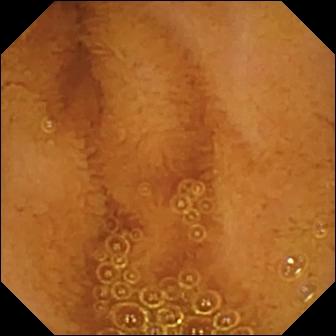{"modality": "video capsule endoscopy", "segment": "small intestine", "finding": "normal clean mucosa"}